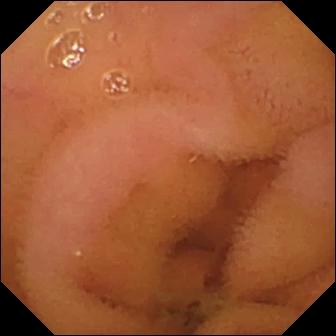Video capsule endoscopy frame (small bowel). Normal clean mucosa.